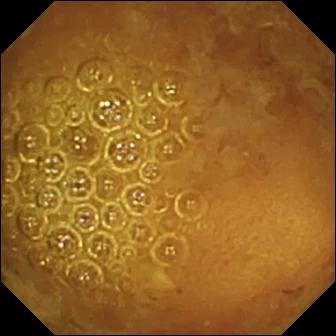Video capsule endoscopy. Impression: reduced mucosal view (content or bubbles obscuring the mucosa).